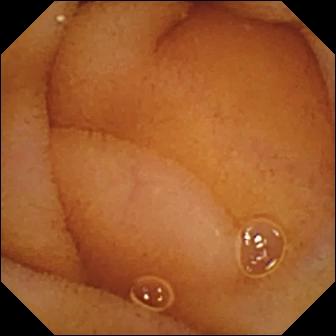Capsule endoscopy image showing normal clean mucosa.